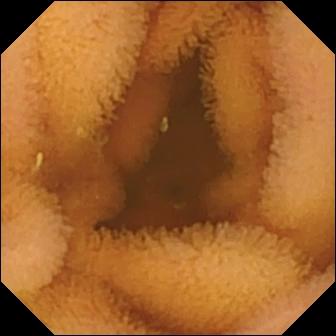Normal clean mucosa — capsule endoscopy view.